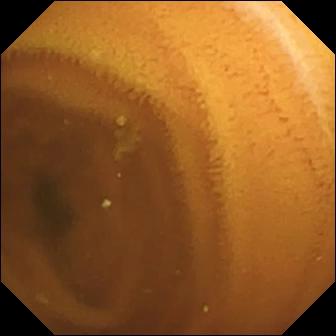Q: What does this WCE image of the small intestine show?
A: Normal clean mucosa.